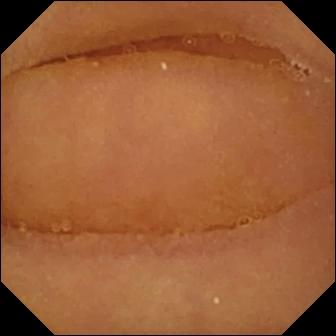Capsule endoscopy view, small intestine
Label: normal clean mucosa